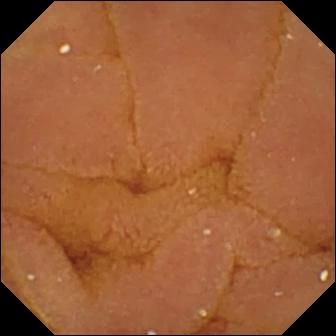Normal clean mucosa — video capsule endoscopy snapshot of the small bowel.